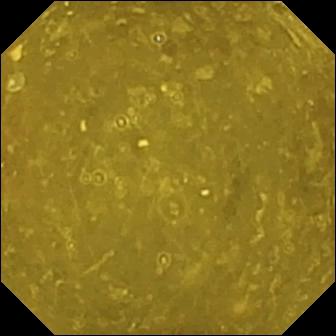Ileo-cecal valve region (the transition from the small bowel to the large bowel).